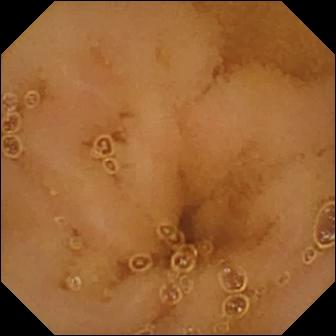PROCEDURE: VCE.
FINDINGS: Normal clean mucosa.